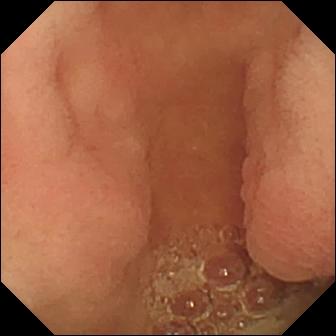{"modality": "small-bowel capsule endoscopy", "label": "pylorus region (where the capsule passes from the stomach into the small bowel)"}